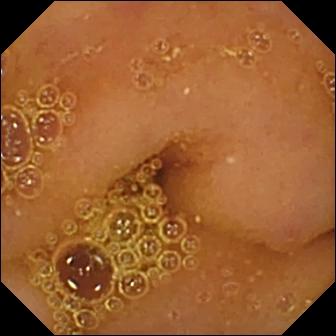WCE — normal clean mucosa.